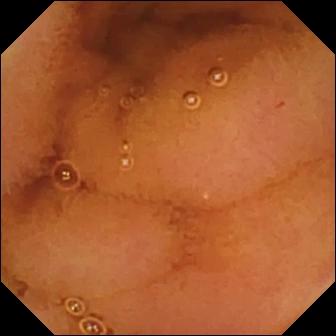VCE snapshot (small bowel). Normal clean mucosa.